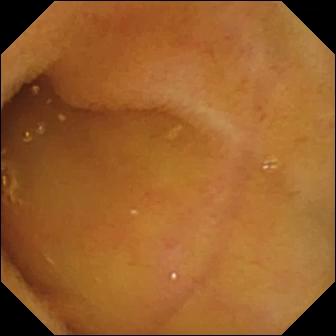VCE — normal clean mucosa.